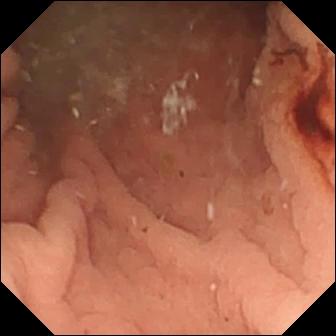modality: video capsule endoscopy | impression: angiectasia